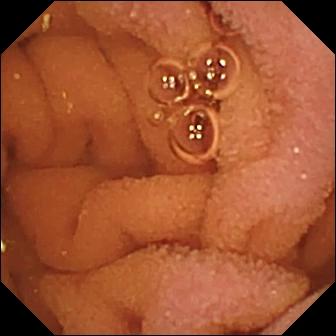PROCEDURE: VCE.
SEGMENT: Small bowel.
FINDINGS: Normal clean mucosa.